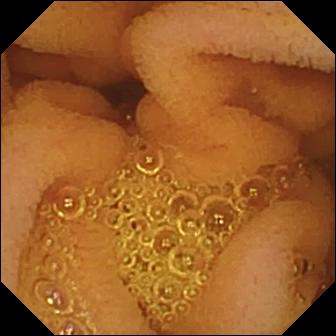modality: small-bowel capsule endoscopy
label: normal clean mucosa